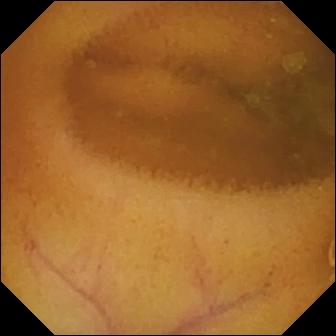Video capsule endoscopy image, small bowel
Impression: normal clean mucosa